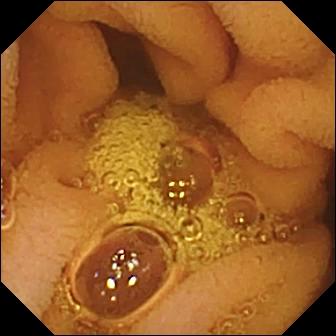{"modality": "capsule endoscopy", "segment": "small intestine", "category": "luminal finding", "finding": "normal clean mucosa"}